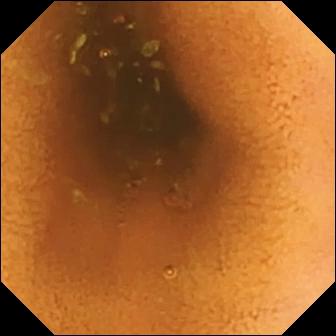WCE frame
Observation: normal clean mucosa